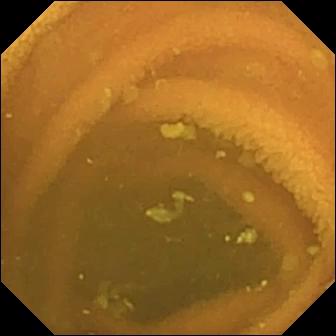Capsule endoscopy image. Normal clean mucosa.